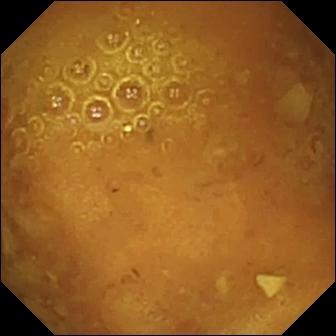Small-bowel capsule endoscopy. Luminal finding. Observation: reduced mucosal view (content or bubbles obscuring the mucosa).